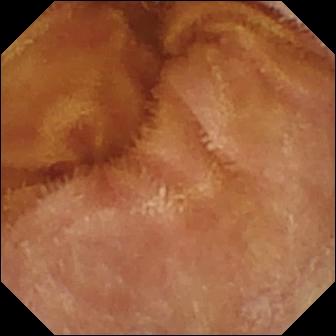Q: What does this small-bowel capsule endoscopy still show?
A: Normal clean mucosa.